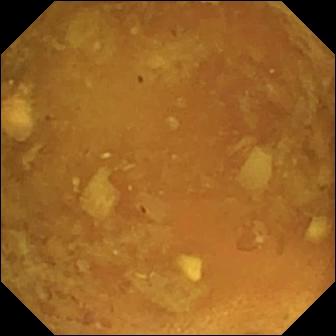Reduced mucosal view (content or bubbles obscuring the mucosa).